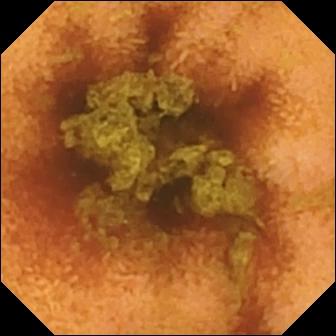Q: What does this small-bowel capsule endoscopy image of the small bowel show?
A: Normal clean mucosa.